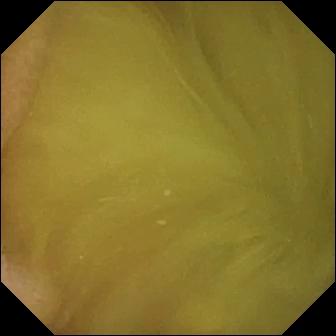Q: What does this WCE view show?
A: Normal clean mucosa.